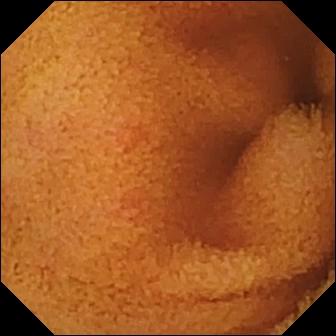VCE snapshot (small bowel). Normal clean mucosa.